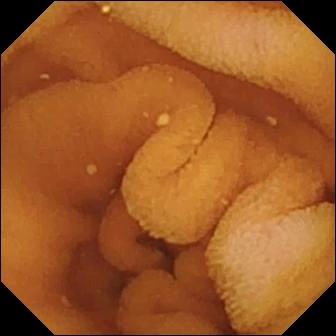Video capsule endoscopy. Small bowel. Finding: normal clean mucosa.